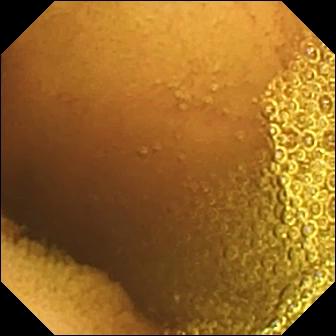PROCEDURE: WCE.
FINDINGS: Normal clean mucosa.